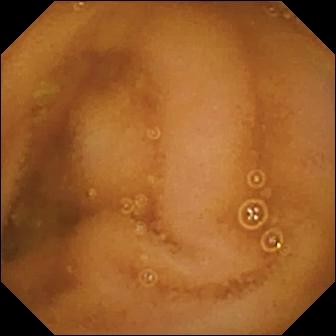PROCEDURE: Small-bowel capsule endoscopy.
FINDINGS: Normal clean mucosa.